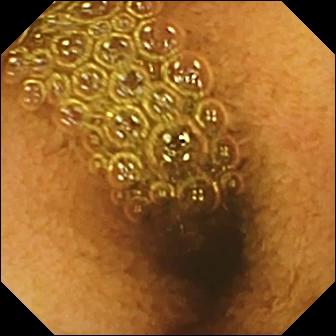WCE. Observation: reduced mucosal view (content or bubbles obscuring the mucosa).